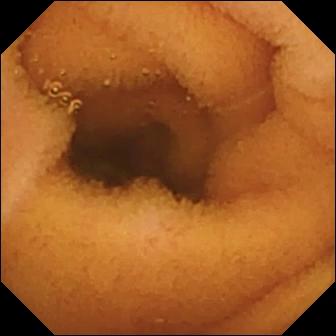Q: What does this WCE snapshot show?
A: Normal clean mucosa.